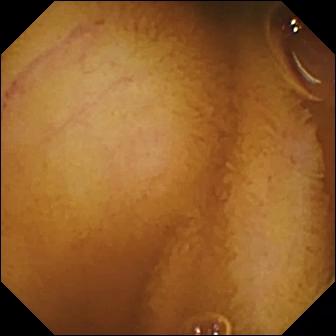Small-bowel capsule endoscopy snapshot. Normal clean mucosa.